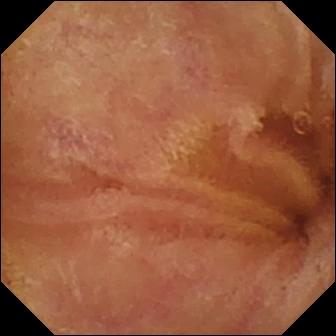Small-bowel capsule endoscopy view (small bowel). Normal clean mucosa.